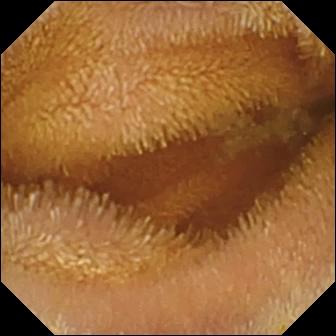Capsule endoscopy view of the small intestine showing normal clean mucosa.